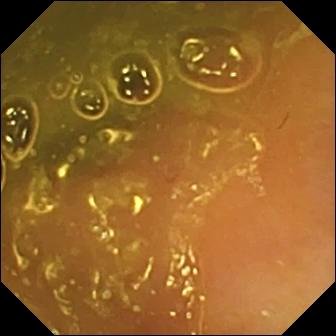Ileo-cecal valve region (where the capsule passes from the small bowel into the large bowel) — small-bowel capsule endoscopy frame.